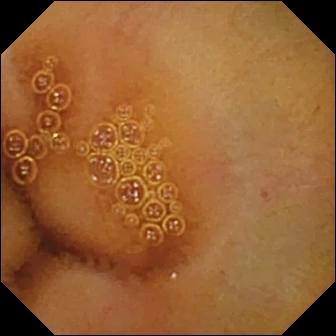Capsule endoscopy view (small bowel). Normal clean mucosa.